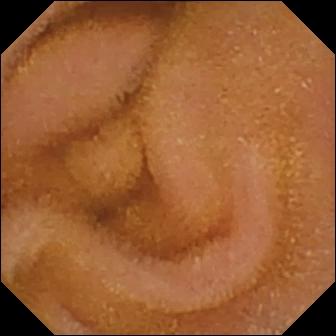Normal clean mucosa.